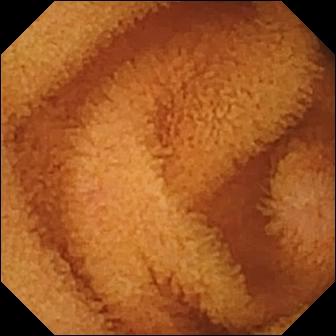Video capsule endoscopy image, small intestine
Label: normal clean mucosa